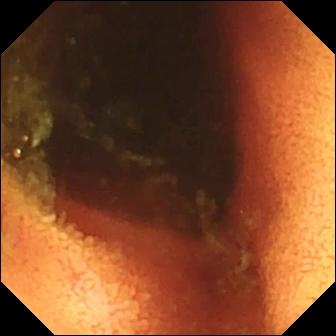PROCEDURE: VCE.
LOCATION: Ileo-cecal valve region (the transition from the small bowel to the large bowel).